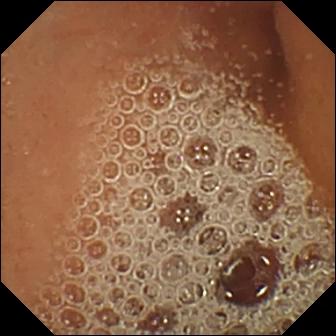modality: WCE; observation: normal clean mucosa